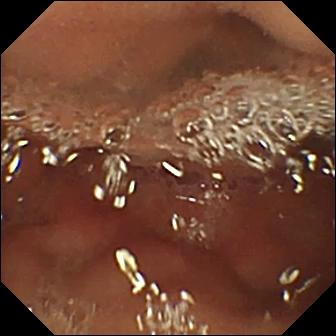Wireless capsule endoscopy — pylorus region.